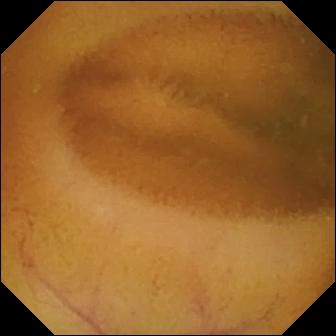This VCE still of the small intestine shows normal clean mucosa.